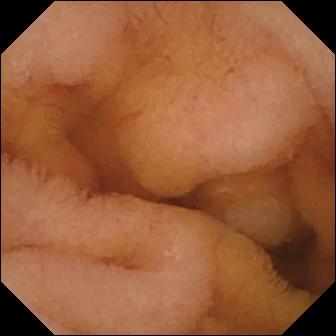VCE image, small bowel
Observation: normal clean mucosa